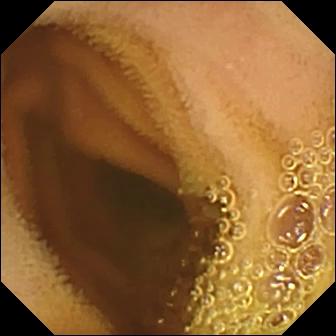{"modality": "VCE", "finding": "normal clean mucosa"}